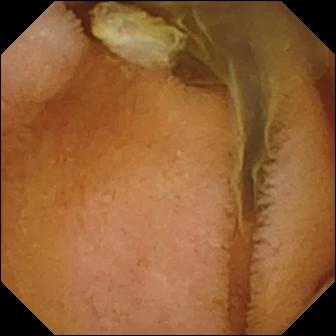Small-bowel capsule endoscopy frame (small bowel). Normal clean mucosa.